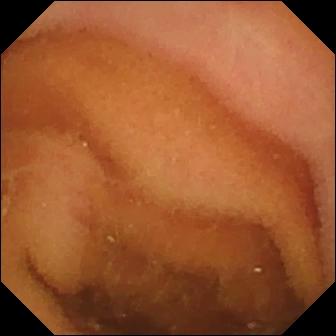Capsule endoscopy snapshot, small bowel
Impression: normal clean mucosa